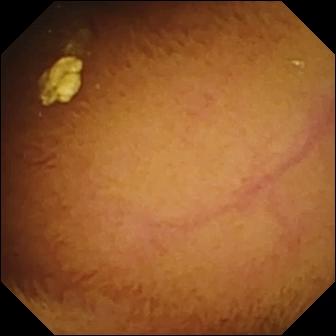This capsule endoscopy snapshot shows normal clean mucosa.